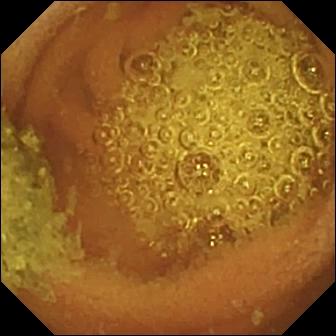- modality: WCE
- category: luminal finding
- observation: normal clean mucosa